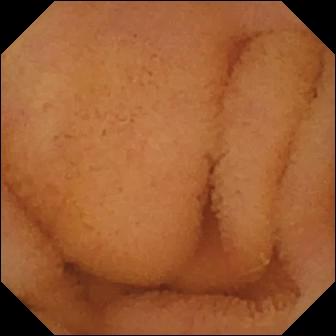Small-bowel capsule endoscopy — normal clean mucosa.